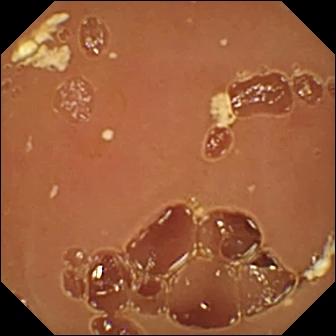VCE view, small intestine
Impression: normal clean mucosa